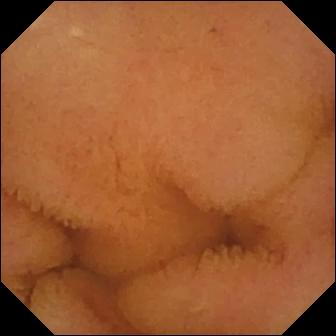- modality: wireless capsule endoscopy
- segment: small intestine
- finding: normal clean mucosa